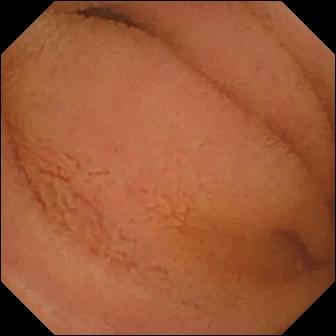Q: What does this WCE image show?
A: Normal clean mucosa.